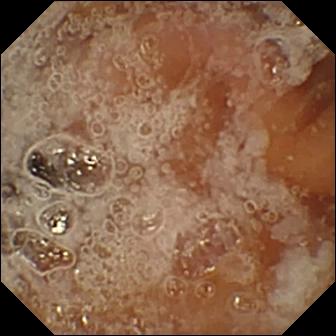PROCEDURE: Video capsule endoscopy.
VIDEO SEGMENT: Pylorus region (where the capsule passes from the stomach into the small bowel).